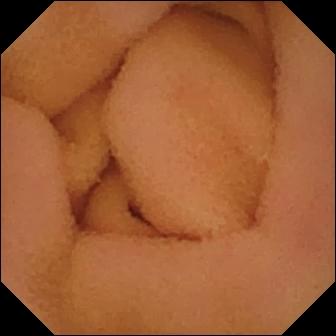- modality: video capsule endoscopy
- segment: small bowel
- category: luminal finding
- finding: normal clean mucosa